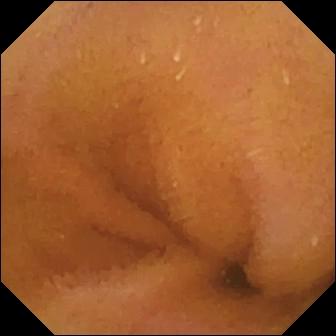Video capsule endoscopy still
Finding: normal clean mucosa